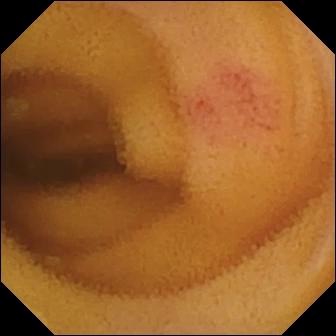{"modality": "VCE", "finding": "angiectasia"}